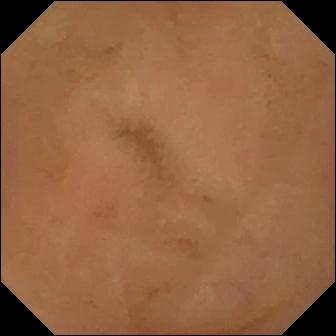Small-bowel capsule endoscopy — normal clean mucosa.